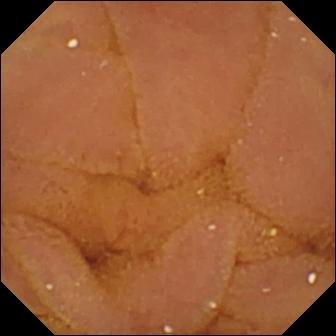WCE snapshot of the small intestine showing normal clean mucosa.